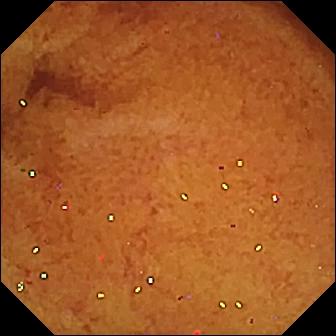WCE image, small intestine
Label: normal clean mucosa